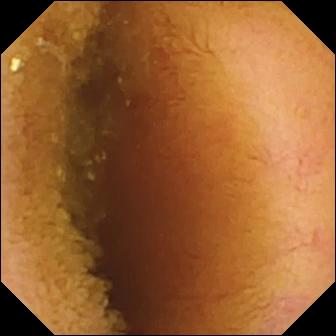modality: video capsule endoscopy | segment: small intestine | impression: normal clean mucosa